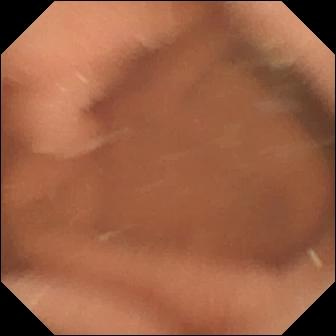- modality: capsule endoscopy
- segment: small intestine
- finding: normal clean mucosa